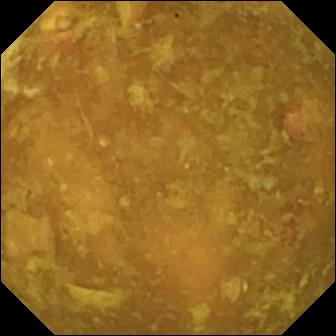modality: video capsule endoscopy | label: reduced mucosal view (content or bubbles obscuring the mucosa)